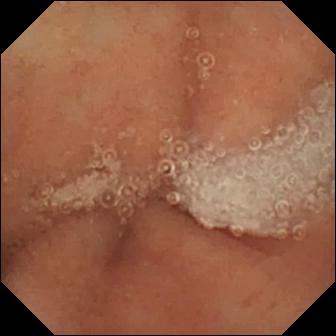PROCEDURE: Small-bowel capsule endoscopy.
FINDINGS: Normal clean mucosa.